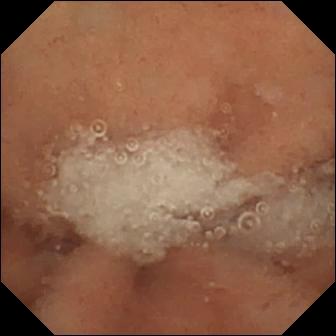Normal clean mucosa.